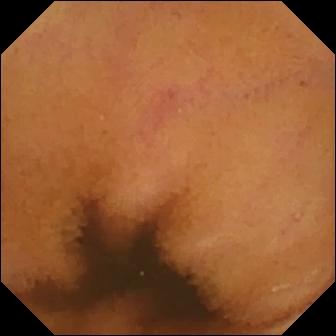Normal clean mucosa (336×336).